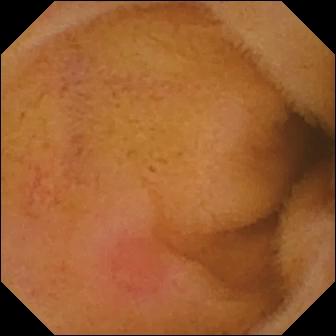VCE frame. Erythema (mucosal redness).